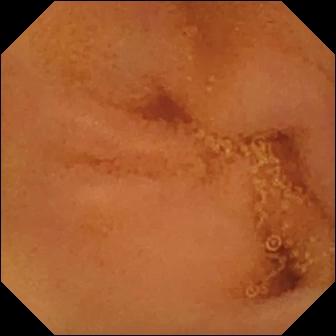Capsule endoscopy — normal clean mucosa.